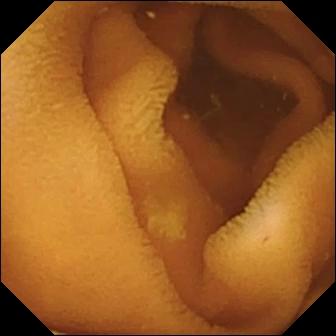- modality: wireless capsule endoscopy
- observation: normal clean mucosa